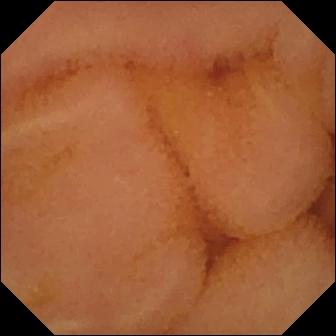- modality: VCE
- segment: small intestine
- observation: normal clean mucosa